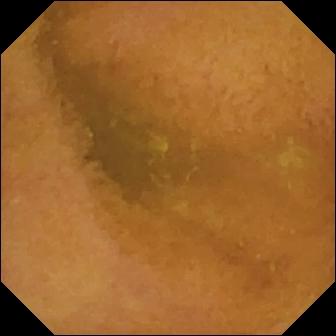Normal clean mucosa.